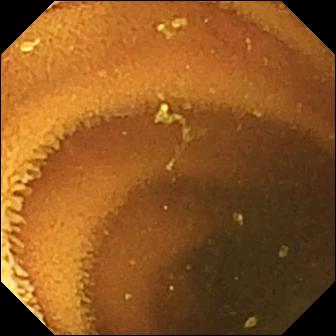VCE — normal clean mucosa.